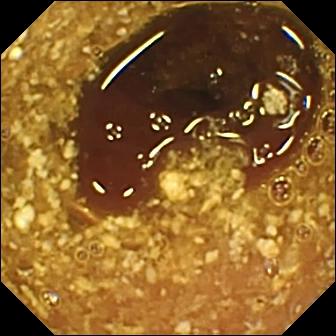Wireless capsule endoscopy image (small intestine), 336×336. Reduced mucosal view (content or bubbles obscuring the mucosa).